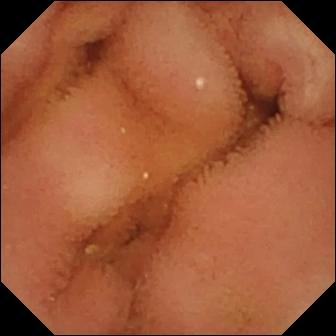PROCEDURE: VCE.
SEGMENT: Small intestine.
FINDINGS: Normal clean mucosa.